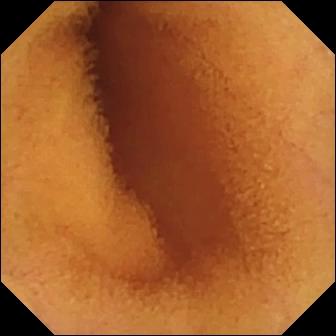This capsule endoscopy still of the small bowel shows normal clean mucosa.